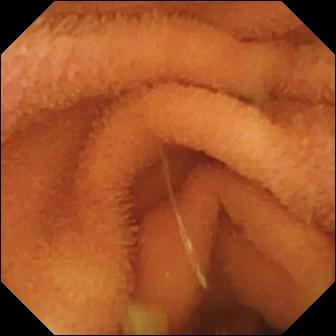WCE image
Impression: normal clean mucosa